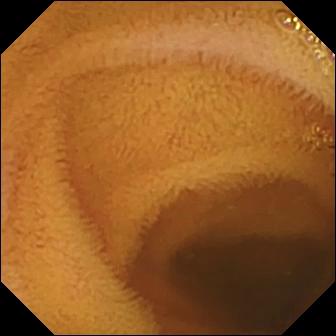{"modality": "capsule endoscopy", "segment": "small bowel", "finding": "normal clean mucosa"}